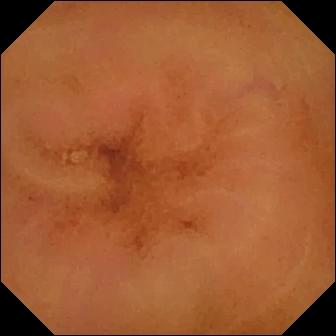Normal clean mucosa.